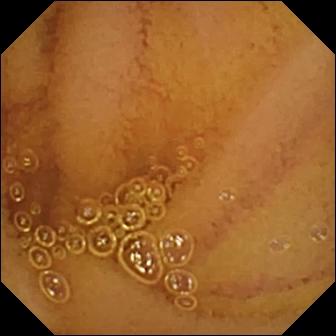{"modality": "small-bowel capsule endoscopy", "segment": "small intestine", "finding": "normal clean mucosa"}